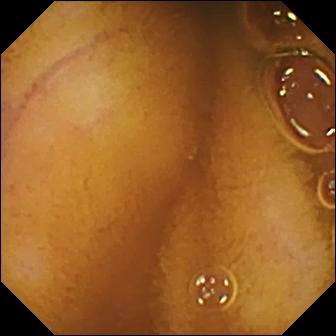Video capsule endoscopy image
Finding: normal clean mucosa